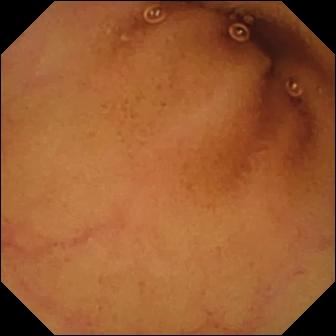Normal clean mucosa.